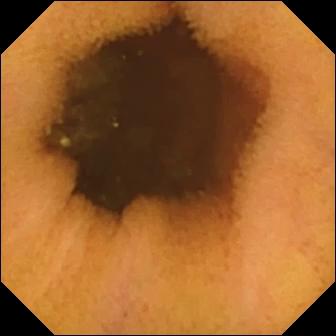Capsule endoscopy. Luminal finding. Label: normal clean mucosa.